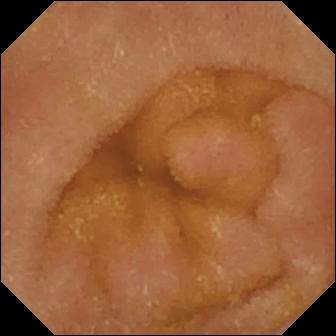Small-bowel capsule endoscopy frame showing normal clean mucosa.